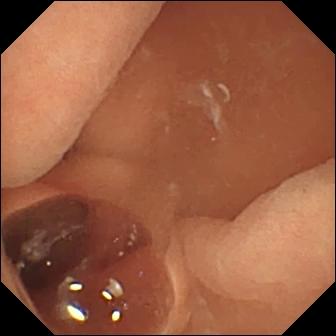modality: video capsule endoscopy | observation: normal clean mucosa